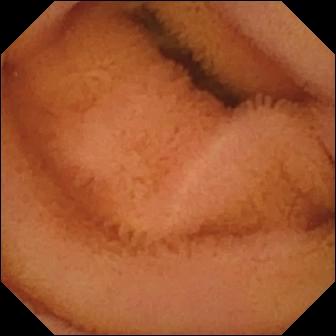Wireless capsule endoscopy view. Normal clean mucosa.